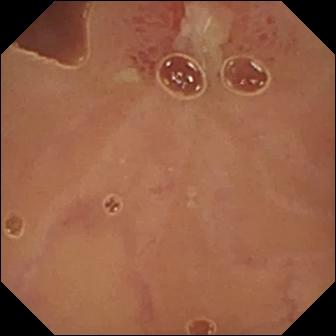This WCE view shows ulcer.